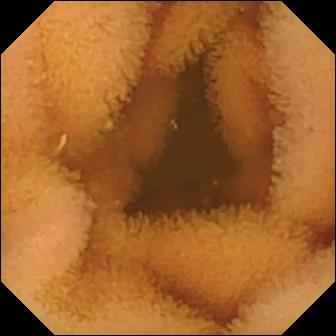modality: small-bowel capsule endoscopy; observation: normal clean mucosa